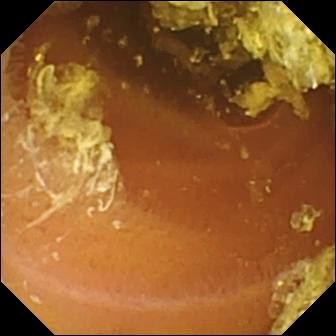modality: VCE; segment: small bowel; finding: normal clean mucosa